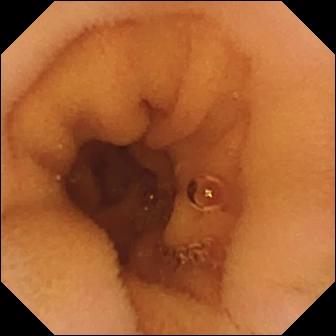{"modality": "video capsule endoscopy", "finding": "normal clean mucosa"}